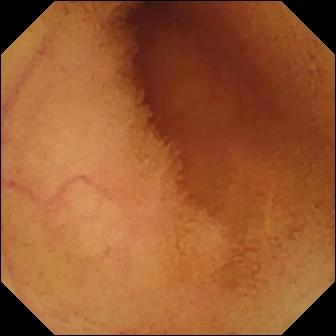Capsule endoscopy still (small bowel), 336×336. Normal clean mucosa.